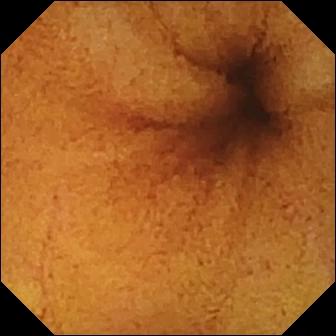modality: capsule endoscopy; segment: small intestine; finding: normal clean mucosa